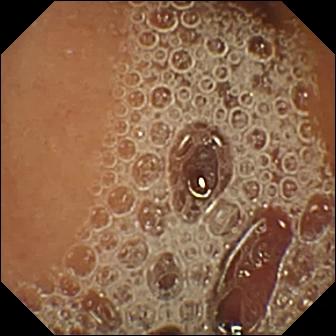WCE still
Label: normal clean mucosa